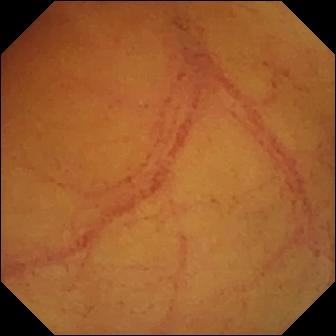PROCEDURE: Video capsule endoscopy.
FINDINGS: Normal clean mucosa.